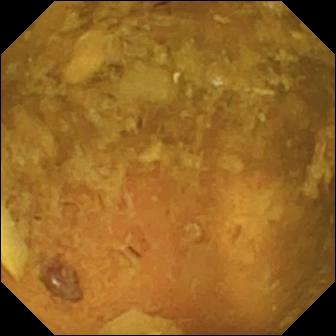WCE image of the small intestine showing reduced mucosal view (content or bubbles obscuring the mucosa).